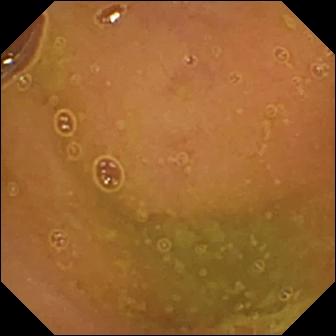This small-bowel capsule endoscopy image of the small intestine shows normal clean mucosa.